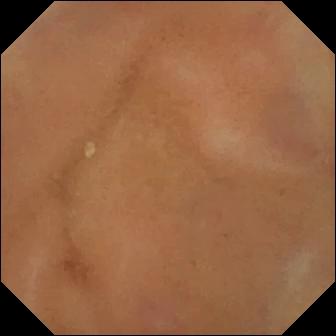VCE. Small bowel. Impression: normal clean mucosa.